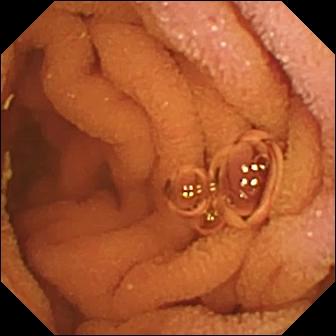Normal clean mucosa — capsule endoscopy view of the small bowel.